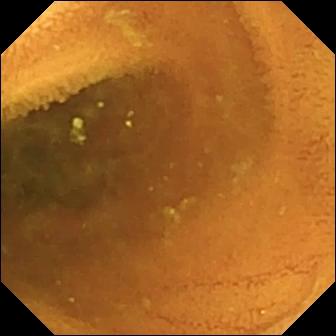- modality: wireless capsule endoscopy
- segment: small intestine
- impression: normal clean mucosa